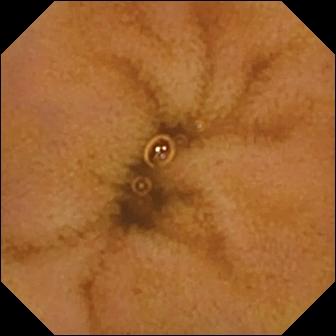{"modality": "VCE", "segment": "small bowel", "finding": "normal clean mucosa"}